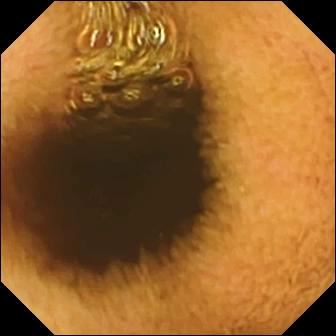Q: What does this capsule endoscopy view show?
A: Reduced mucosal view (content or bubbles obscuring the mucosa).